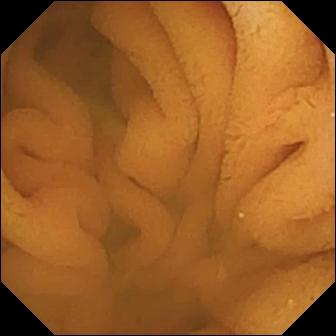Video capsule endoscopy. Impression: normal clean mucosa.